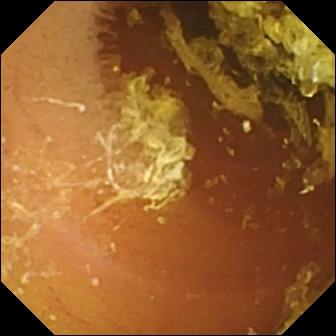VCE image of the small intestine showing normal clean mucosa.